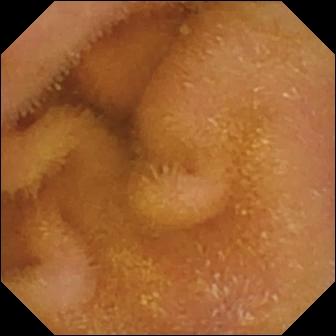WCE — normal clean mucosa.